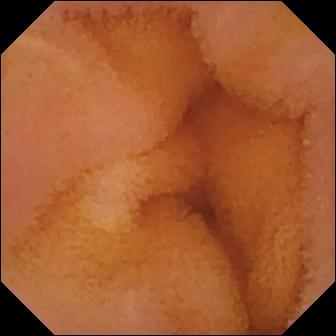This small-bowel capsule endoscopy frame shows normal clean mucosa.